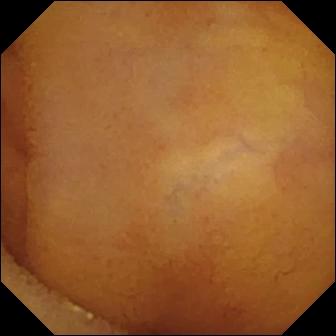Wireless capsule endoscopy image. Normal clean mucosa.